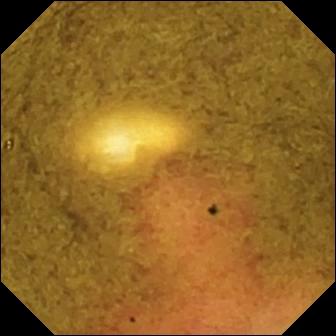- modality: small-bowel capsule endoscopy
- position: ileo-cecal valve region (where the capsule passes from the small bowel into the large bowel)